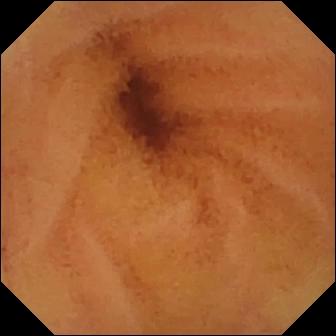{"modality": "capsule endoscopy", "finding": "normal clean mucosa"}